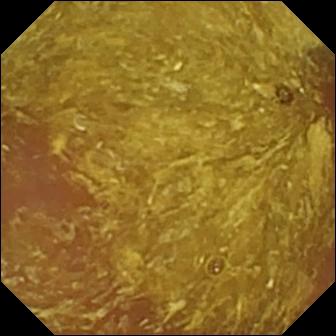Small-bowel capsule endoscopy view of the small bowel showing reduced mucosal view (content or bubbles obscuring the mucosa).